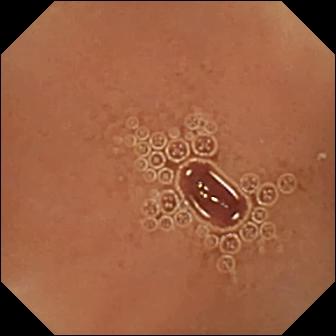PROCEDURE: Video capsule endoscopy.
FINDINGS: Normal clean mucosa.